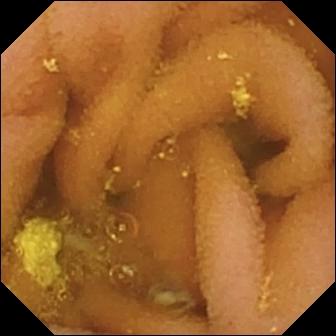- modality: capsule endoscopy
- finding: lymphangiectasia